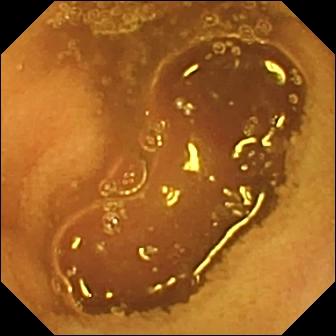Normal clean mucosa (336×336).